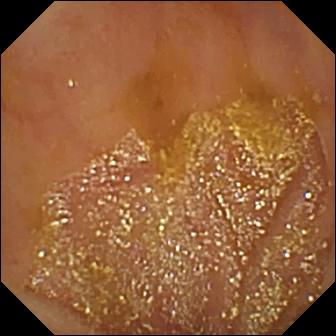Ileo-cecal valve region.